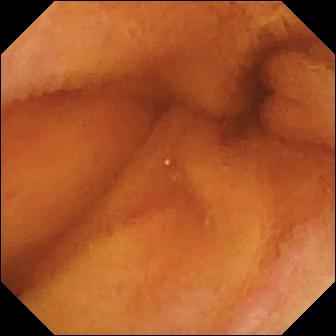Q: What does this video capsule endoscopy still show?
A: Normal clean mucosa.